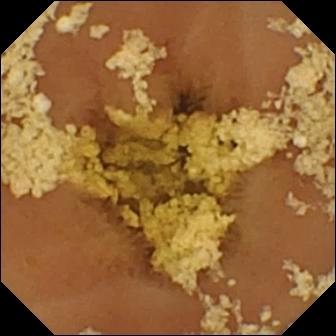WCE — normal clean mucosa.